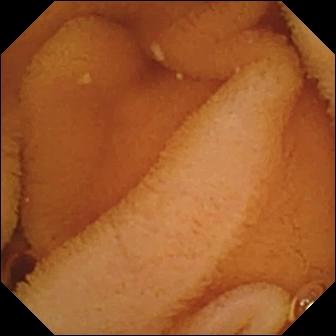{"modality": "capsule endoscopy", "finding": "normal clean mucosa"}